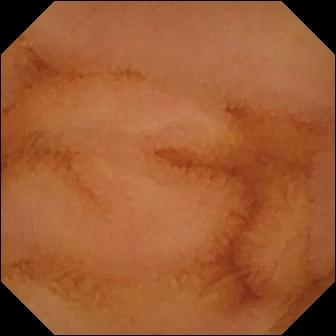This capsule endoscopy image of the small bowel shows normal clean mucosa.